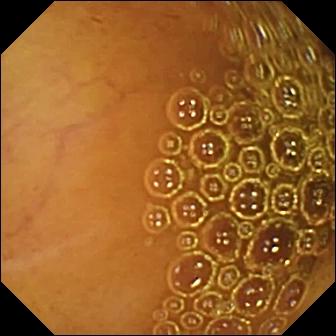WCE view, small intestine
Finding: normal clean mucosa